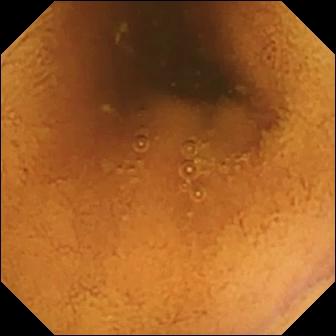PROCEDURE: Video capsule endoscopy.
FINDINGS: Normal clean mucosa.